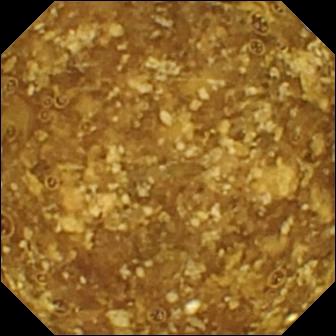Capsule endoscopy view. Reduced mucosal view (content or bubbles obscuring the mucosa).